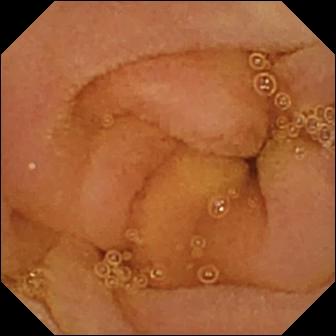{"modality": "small-bowel capsule endoscopy", "segment": "small bowel", "category": "luminal finding", "finding": "normal clean mucosa"}